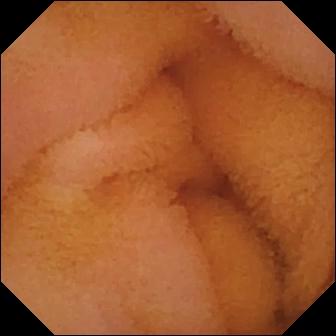Normal clean mucosa.